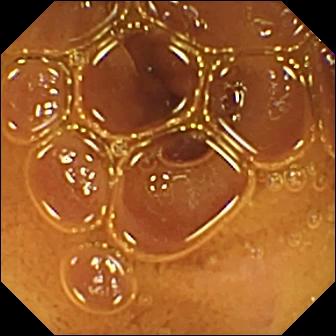Small-bowel capsule endoscopy. Small bowel. Luminal finding. Impression: normal clean mucosa.